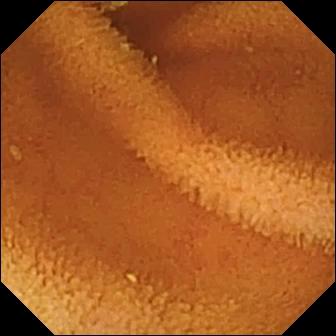PROCEDURE: Video capsule endoscopy.
SEGMENT: Small intestine.
FINDINGS: Normal clean mucosa.